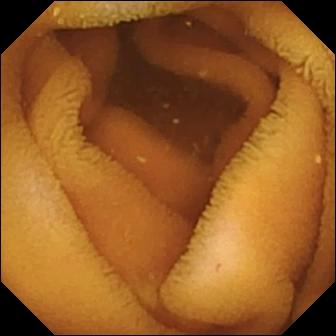PROCEDURE: WCE.
SEGMENT: Small intestine.
FINDINGS: Normal clean mucosa.